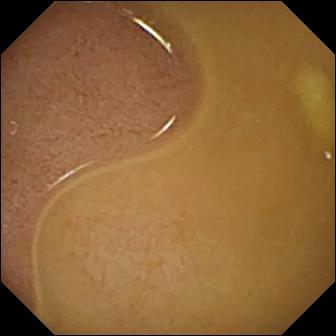- modality: VCE
- category: anatomical landmark
- location: ileo-cecal valve region (where the capsule passes from the small bowel into the large bowel)